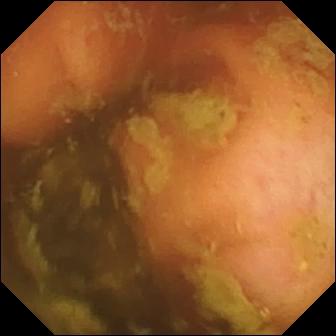- modality: WCE
- category: anatomical landmark
- location: ileo-cecal valve region